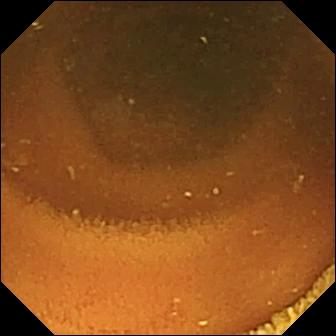VCE frame. Normal clean mucosa.